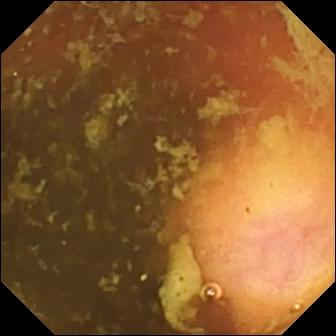- modality: wireless capsule endoscopy
- video segment: ileo-cecal valve region